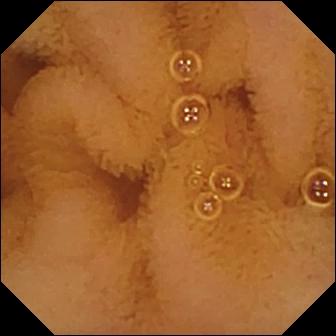Normal clean mucosa — capsule endoscopy view of the small bowel.